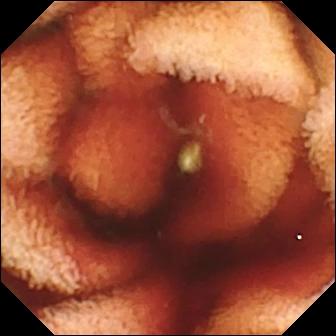Q: What does this VCE image show?
A: Fresh blood in the lumen.